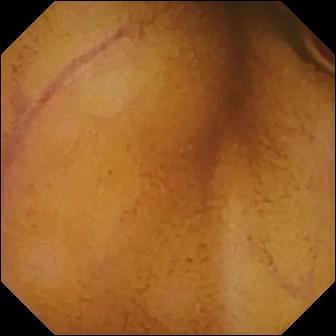Normal clean mucosa.